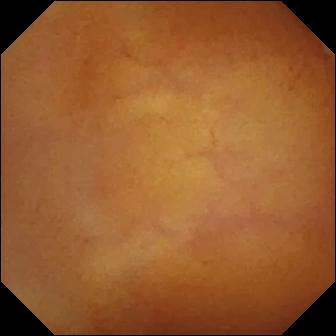Normal clean mucosa — WCE snapshot.